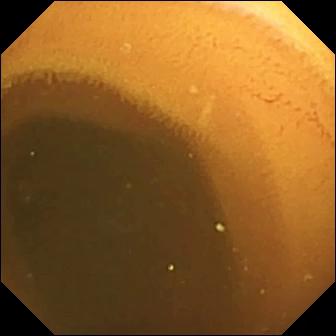This wireless capsule endoscopy frame shows normal clean mucosa.